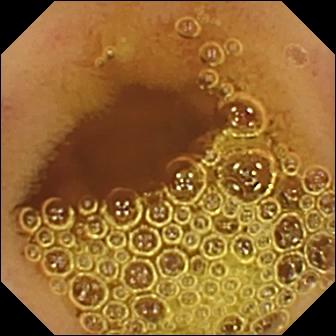Small-bowel capsule endoscopy snapshot of the small intestine showing normal clean mucosa.